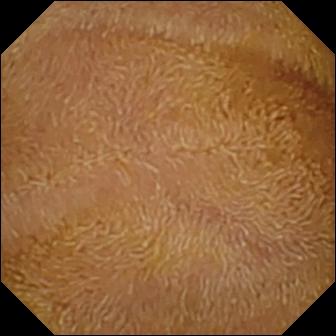Q: What does this wireless capsule endoscopy image show?
A: Normal clean mucosa.